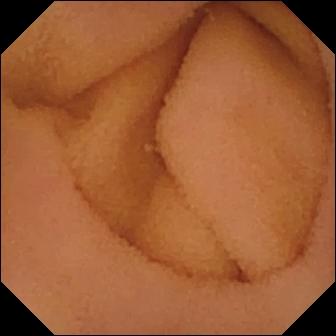Wireless capsule endoscopy image (small bowel). Normal clean mucosa.